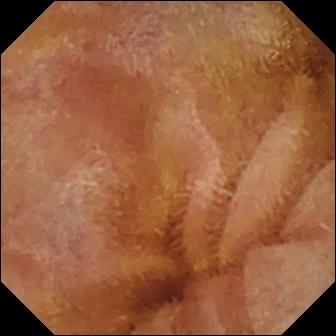Normal clean mucosa.